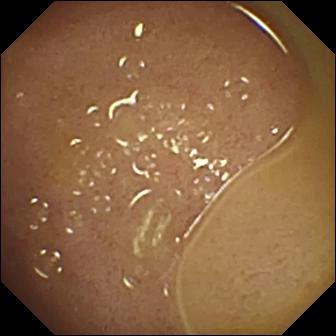Ileo-cecal valve region (the transition from the small bowel to the large bowel) — VCE image.